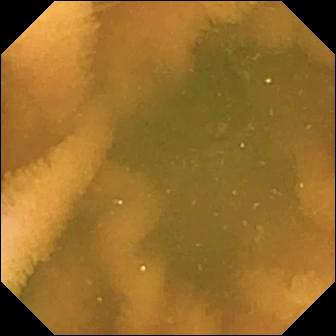VCE image (small intestine). Normal clean mucosa.